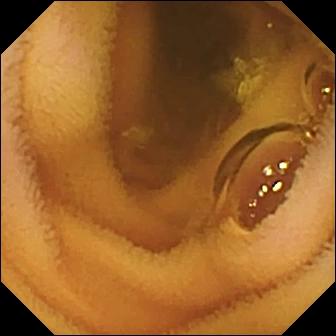PROCEDURE: Wireless capsule endoscopy.
SEGMENT: Small bowel.
FINDINGS: Normal clean mucosa.